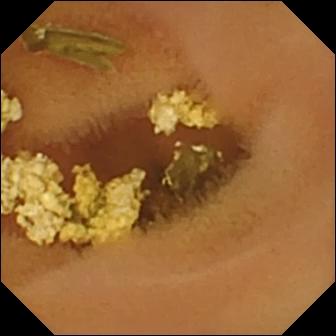Q: What does this WCE still of the small bowel show?
A: Normal clean mucosa.